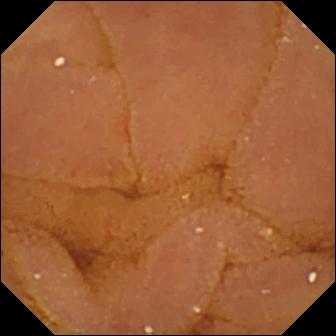Capsule endoscopy — normal clean mucosa.